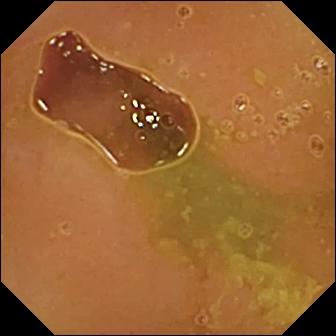Wireless capsule endoscopy snapshot. Normal clean mucosa.